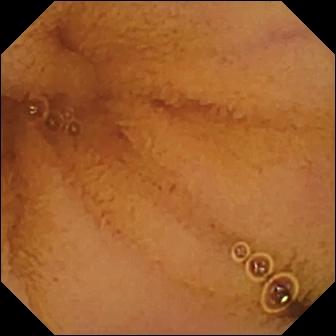Video capsule endoscopy snapshot (small bowel). Normal clean mucosa.